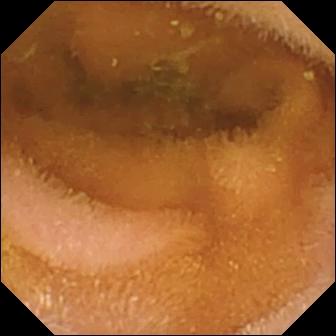PROCEDURE: Wireless capsule endoscopy.
SEGMENT: Small intestine.
FINDINGS: Normal clean mucosa.